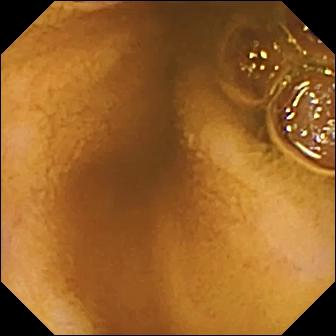Q: What does this video capsule endoscopy frame show?
A: Normal clean mucosa.